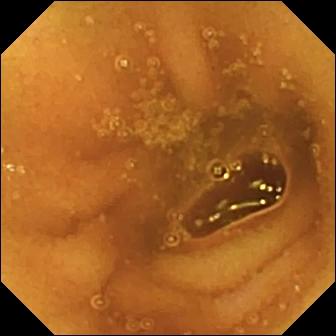This video capsule endoscopy still of the small bowel shows normal clean mucosa.